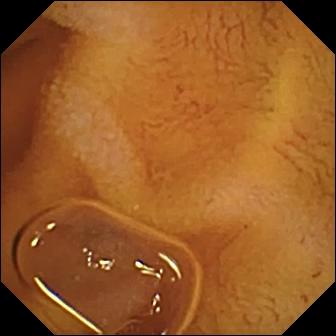modality: VCE
label: normal clean mucosa